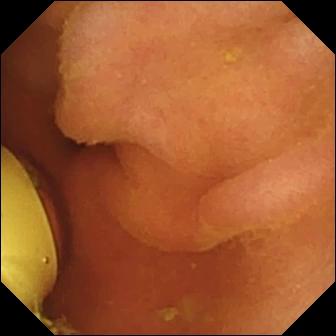VCE. Label: foreign body (e.g. retained capsule, tablet residue).